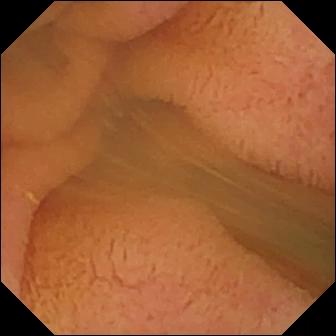Capsule endoscopy — normal clean mucosa.